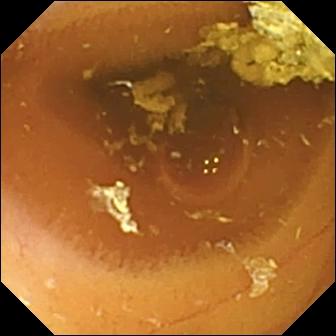PROCEDURE: Small-bowel capsule endoscopy.
FINDINGS: Normal clean mucosa.